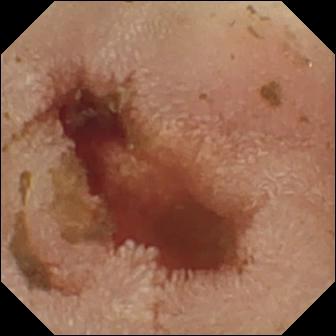This video capsule endoscopy still shows fresh blood in the lumen.